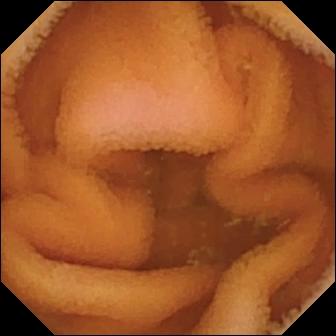Normal clean mucosa.